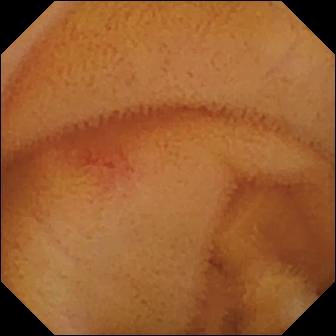Video capsule endoscopy — angiectasia.